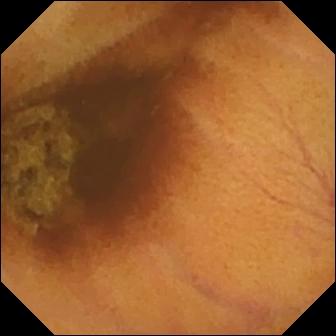Video capsule endoscopy frame showing normal clean mucosa.